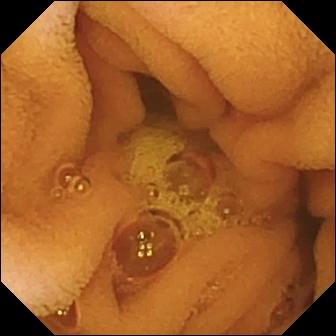Normal clean mucosa.